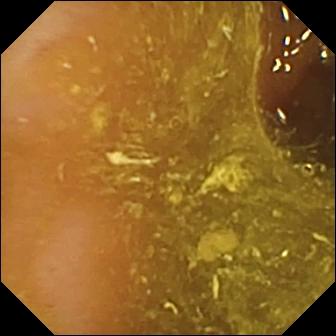This wireless capsule endoscopy image was taken in the ileo-cecal valve region.